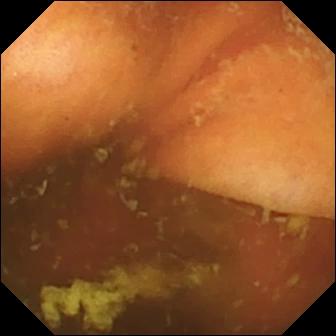PROCEDURE: WCE.
LABEL: Ileo-cecal valve region (the transition from the small bowel to the large bowel).